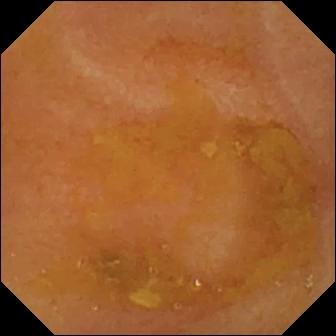Small-bowel capsule endoscopy view showing reduced mucosal view (content or bubbles obscuring the mucosa).